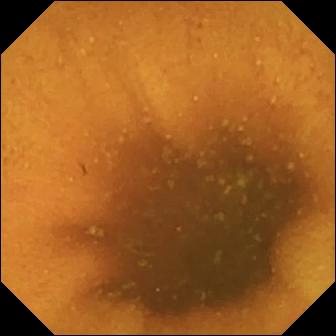- modality: capsule endoscopy
- segment: small intestine
- finding: normal clean mucosa